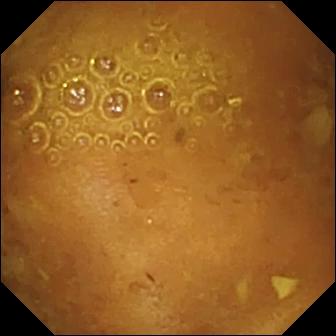Video capsule endoscopy — reduced mucosal view (content or bubbles obscuring the mucosa).